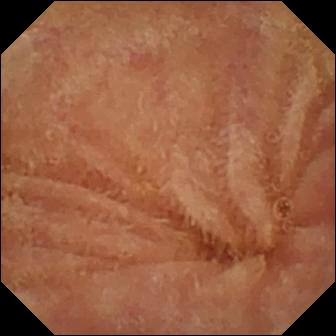Capsule endoscopy — normal clean mucosa.